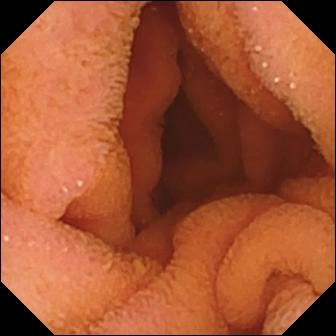PROCEDURE: Video capsule endoscopy.
SEGMENT: Small bowel.
FINDINGS: Normal clean mucosa.